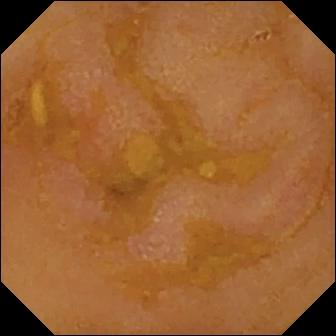Wireless capsule endoscopy frame
Finding: reduced mucosal view (content or bubbles obscuring the mucosa)